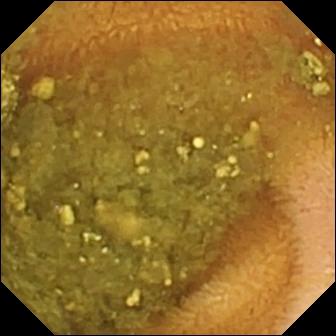- modality: capsule endoscopy
- impression: reduced mucosal view (content or bubbles obscuring the mucosa)